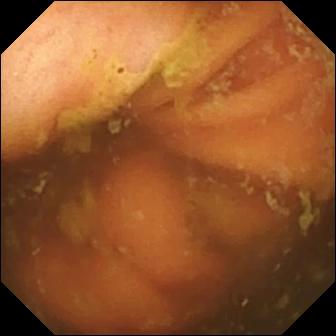Ileo-cecal valve region.